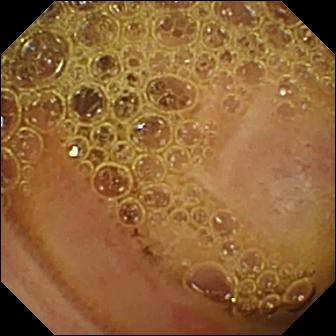VCE. Impression: erosion.